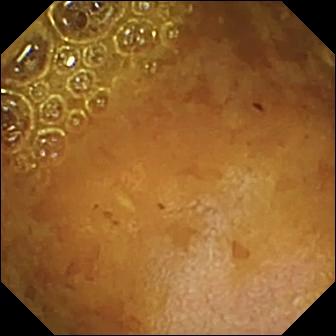VCE still, small bowel
Label: reduced mucosal view (content or bubbles obscuring the mucosa)